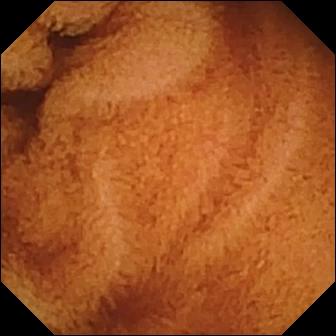Capsule endoscopy snapshot showing normal clean mucosa.